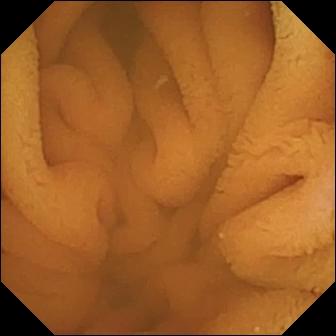modality: capsule endoscopy | segment: small bowel | finding: normal clean mucosa